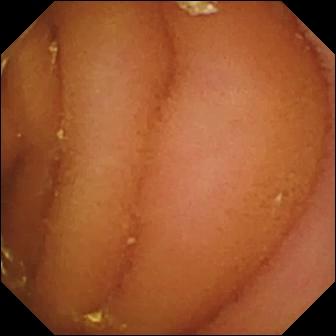Normal clean mucosa.